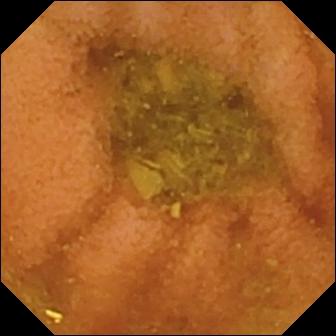{"modality": "capsule endoscopy", "finding": "normal clean mucosa"}